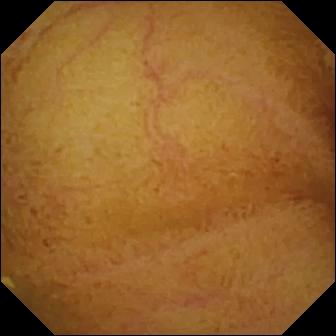PROCEDURE: Wireless capsule endoscopy.
FINDINGS: Normal clean mucosa.